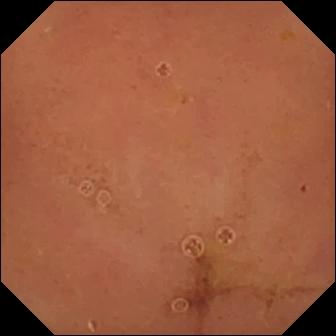VCE. Impression: normal clean mucosa.